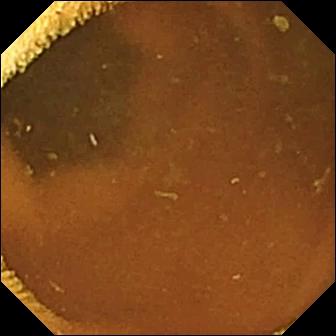Q: What does this capsule endoscopy view of the small intestine show?
A: Normal clean mucosa.